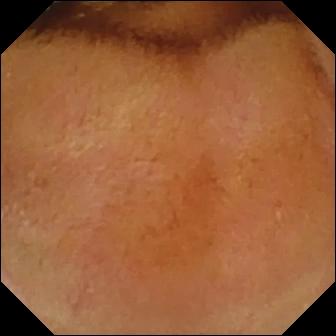- modality: capsule endoscopy
- category: luminal finding
- finding: normal clean mucosa